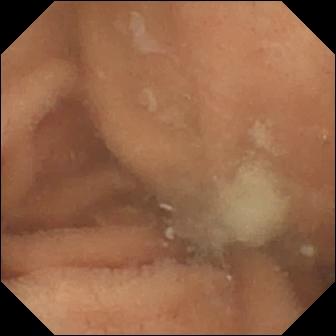- modality: VCE
- segment: small bowel
- category: luminal finding
- finding: normal clean mucosa